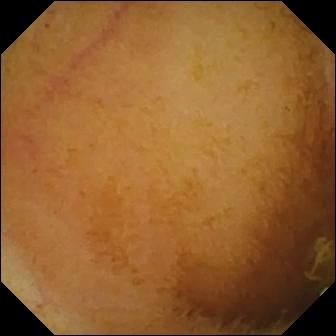This WCE still of the small bowel shows normal clean mucosa.